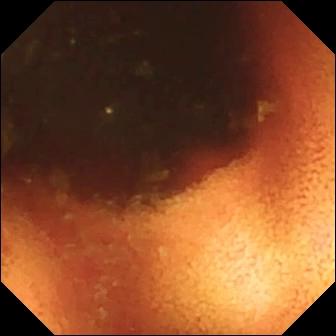Video capsule endoscopy — ileo-cecal valve region.